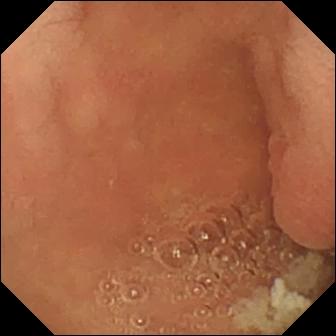modality: VCE
category: anatomical landmark
position: pylorus region (the junction between the stomach and the small bowel)